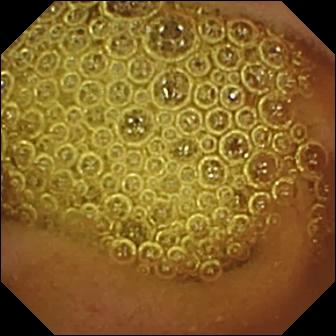PROCEDURE: Capsule endoscopy.
SEGMENT: Small intestine.
FINDINGS: Normal clean mucosa.